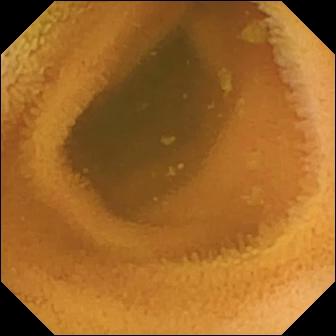WCE still, small intestine
Finding: normal clean mucosa